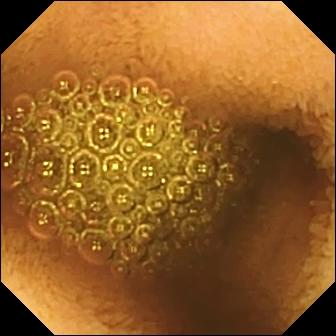modality: small-bowel capsule endoscopy | label: reduced mucosal view (content or bubbles obscuring the mucosa)